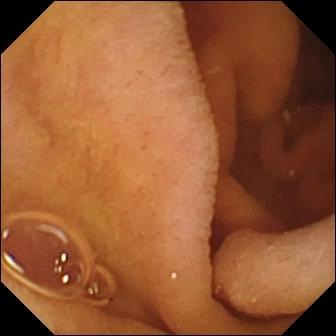{"modality": "wireless capsule endoscopy", "position": "pylorus region"}